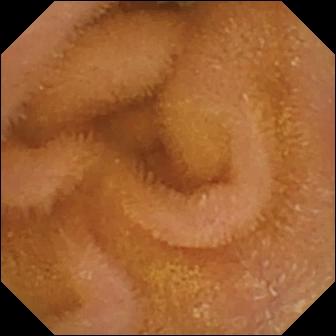- modality: VCE
- segment: small bowel
- label: normal clean mucosa